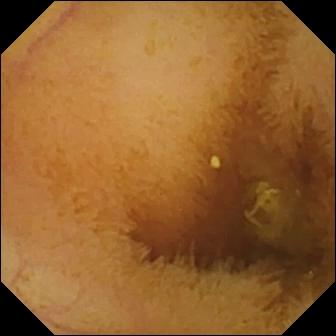Video capsule endoscopy snapshot. Normal clean mucosa.